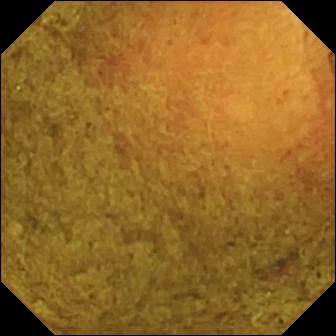Ileo-cecal valve region (the transition from the small bowel to the large bowel), 336×336.